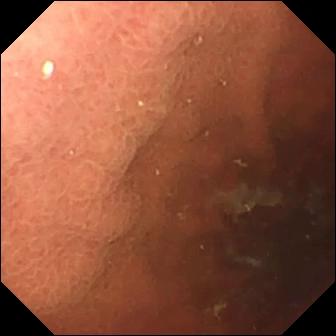Capsule endoscopy — pylorus region (where the capsule passes from the stomach into the small bowel).